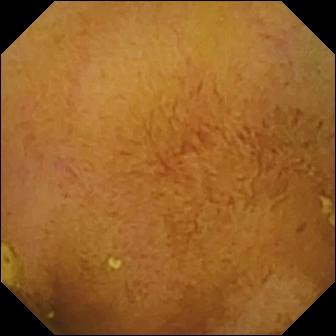modality: video capsule endoscopy | category: luminal finding | observation: normal clean mucosa